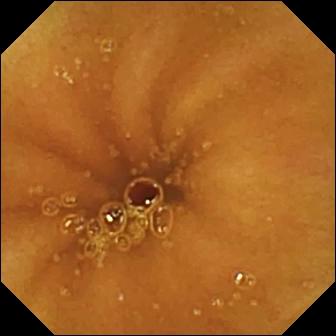WCE view
Finding: normal clean mucosa